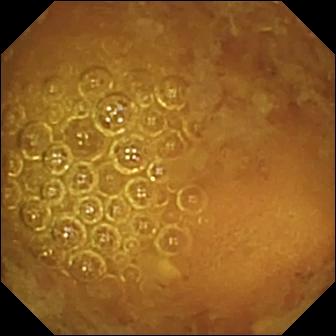PROCEDURE: Capsule endoscopy.
FINDINGS: Reduced mucosal view (content or bubbles obscuring the mucosa).